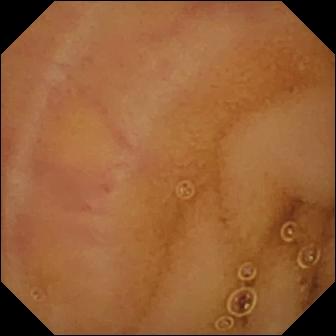Video capsule endoscopy frame (small intestine). Normal clean mucosa.